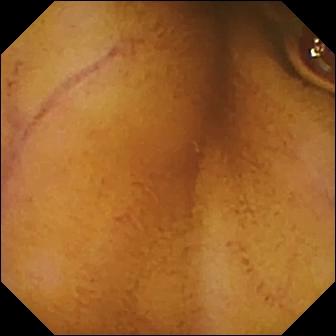WCE image. Normal clean mucosa.